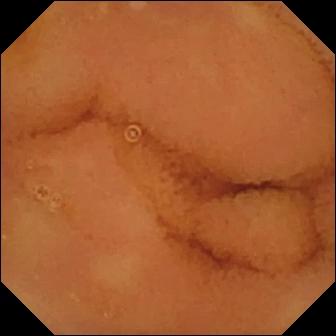Normal clean mucosa — WCE still.